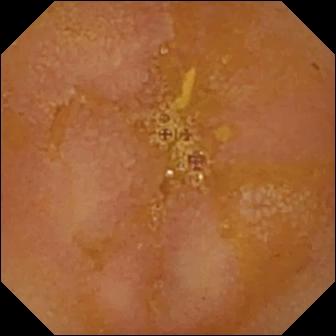Small-bowel capsule endoscopy. Small bowel. Luminal finding. Impression: reduced mucosal view (content or bubbles obscuring the mucosa).